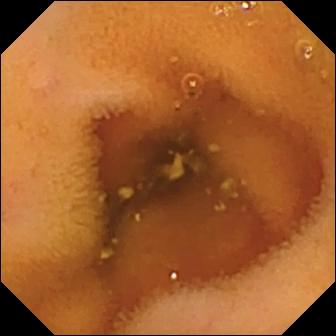PROCEDURE: Wireless capsule endoscopy.
FINDINGS: Normal clean mucosa.